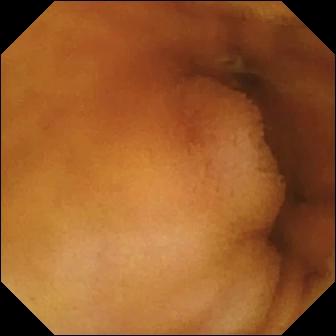PROCEDURE: VCE.
FINDINGS: Normal clean mucosa.